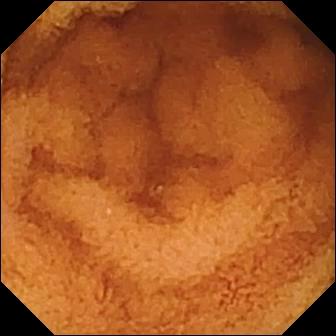{"modality": "WCE", "finding": "normal clean mucosa"}